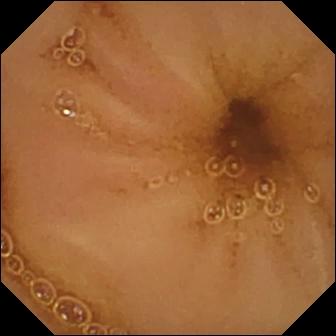{"modality": "small-bowel capsule endoscopy", "category": "luminal finding", "finding": "normal clean mucosa"}